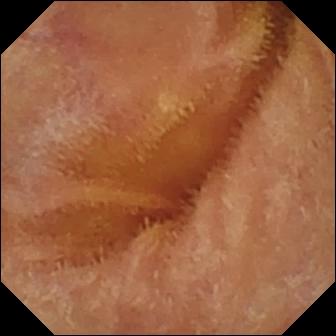WCE frame of the small bowel showing normal clean mucosa.